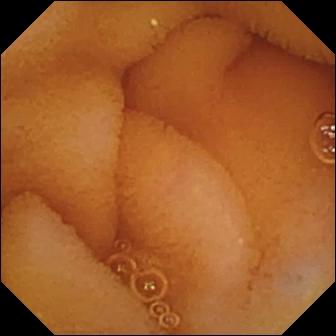Wireless capsule endoscopy image showing normal clean mucosa.